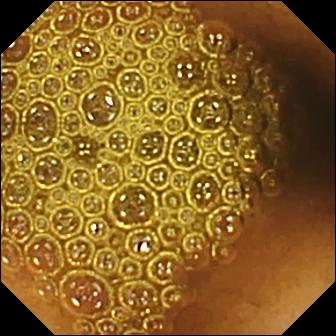Wireless capsule endoscopy — reduced mucosal view (content or bubbles obscuring the mucosa).